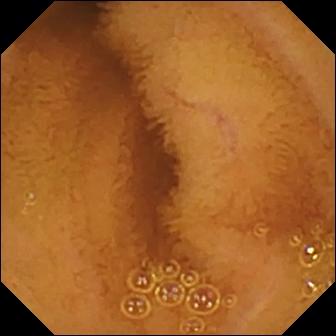PROCEDURE: Wireless capsule endoscopy.
SEGMENT: Small bowel.
FINDINGS: Normal clean mucosa.